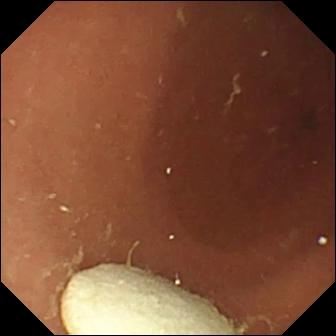Capsule endoscopy frame
Impression: foreign body (e.g. retained capsule, tablet residue)